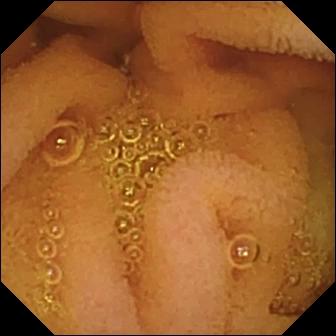This WCE snapshot shows normal clean mucosa.